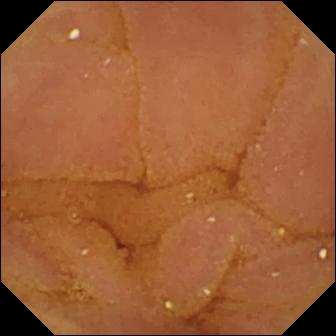- modality: WCE
- segment: small intestine
- finding: normal clean mucosa